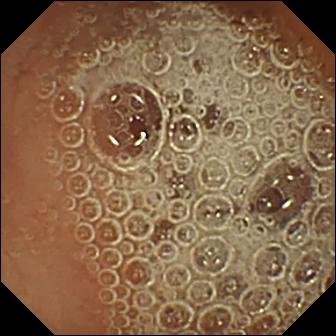Small-bowel capsule endoscopy — normal clean mucosa.